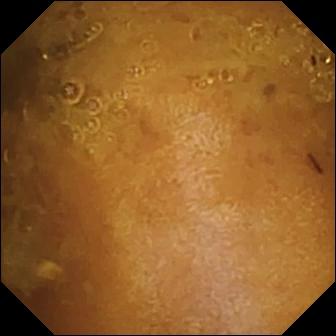{"modality": "video capsule endoscopy", "segment": "small bowel", "finding": "reduced mucosal view (content or bubbles obscuring the mucosa)"}